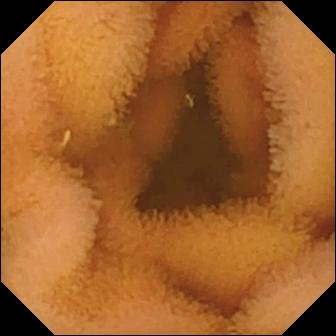WCE. Small bowel. Impression: normal clean mucosa.